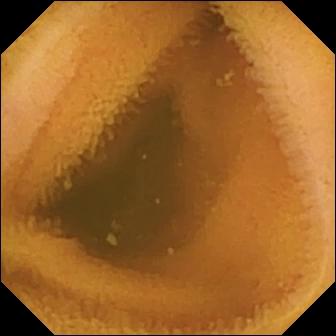Q: What does this small-bowel capsule endoscopy snapshot show?
A: Normal clean mucosa.